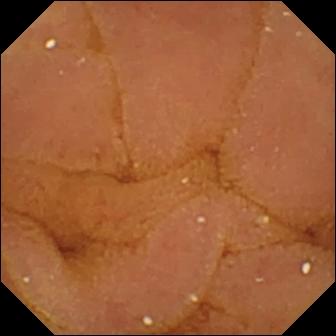Normal clean mucosa.